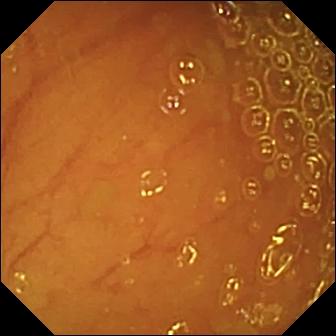Small-bowel capsule endoscopy — ileo-cecal valve region (the transition from the small bowel to the large bowel).